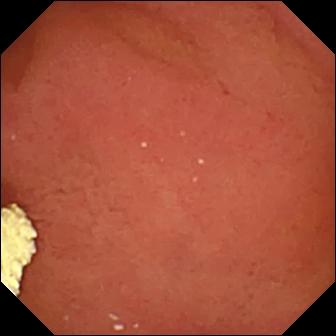Pylorus region.